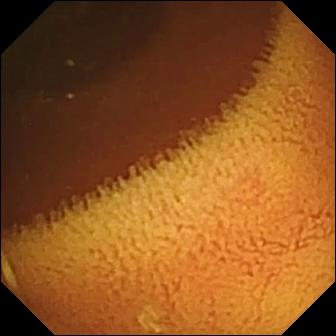Normal clean mucosa.